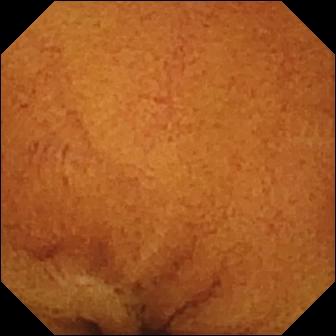Q: What does this capsule endoscopy view show?
A: Normal clean mucosa.